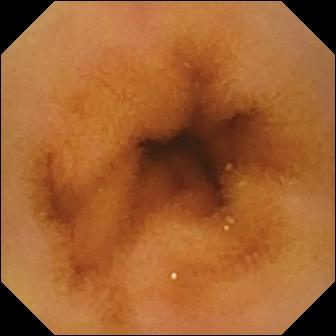This WCE frame shows normal clean mucosa.